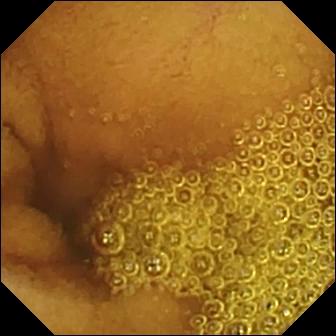WCE image (small bowel), 336×336. Normal clean mucosa.